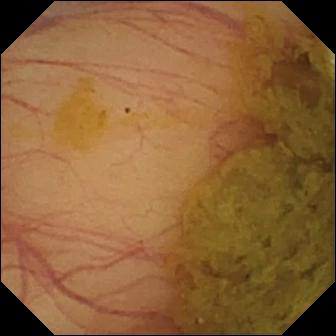This small-bowel capsule endoscopy image was taken in the ileo-cecal valve region (where the capsule passes from the small bowel into the large bowel).